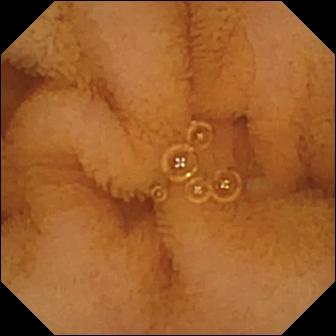Capsule endoscopy view
Label: normal clean mucosa